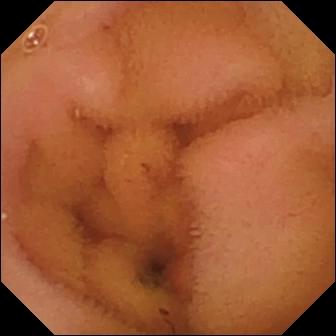modality: video capsule endoscopy
segment: small bowel
finding: normal clean mucosa